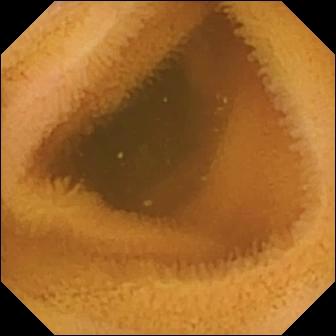modality: VCE
category: luminal finding
observation: normal clean mucosa